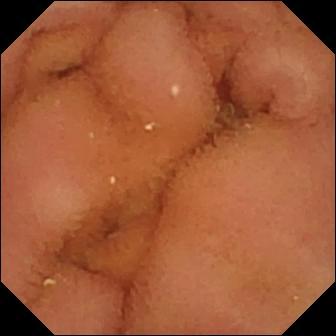- modality: capsule endoscopy
- segment: small intestine
- finding: normal clean mucosa